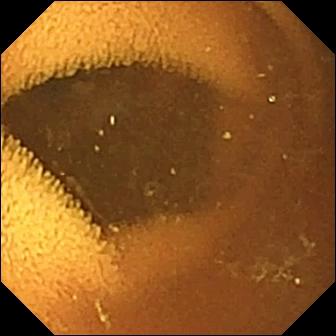This video capsule endoscopy still of the small bowel shows normal clean mucosa.